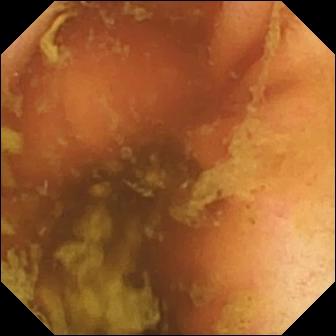Ileo-cecal valve region, 336×336.